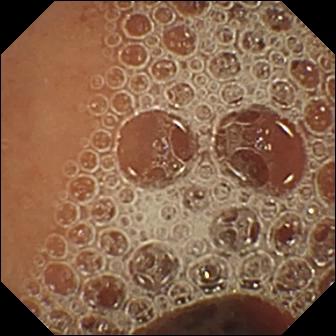Q: What does this VCE image show?
A: Normal clean mucosa.